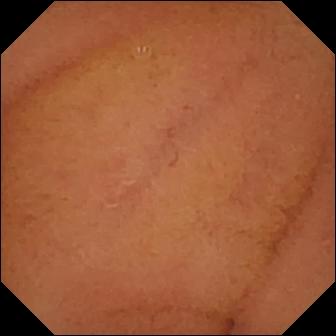Normal clean mucosa (336×336).